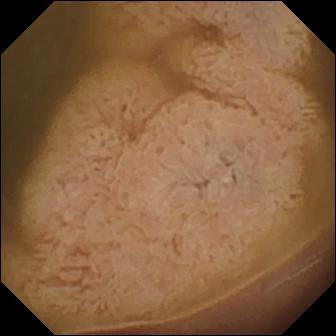Video capsule endoscopy snapshot taken in the ileo-cecal valve region (where the capsule passes from the small bowel into the large bowel).